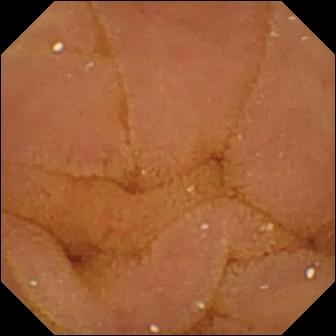Normal clean mucosa (336×336).